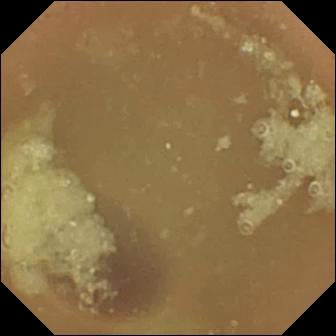Normal clean mucosa — VCE view.